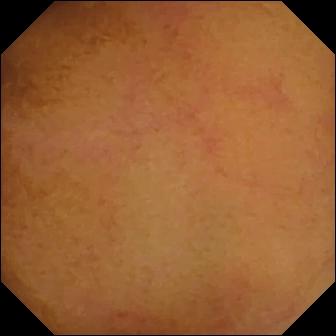modality: VCE | impression: normal clean mucosa